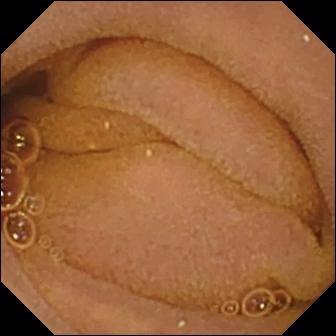Normal clean mucosa.